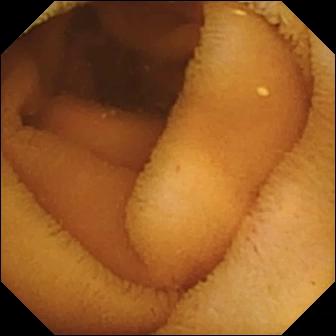Normal clean mucosa — capsule endoscopy frame of the small bowel.